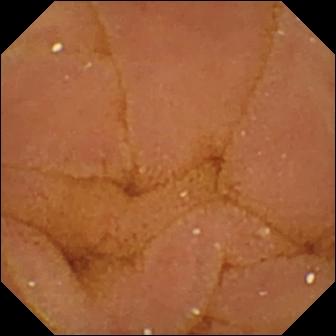Small-bowel capsule endoscopy still
Observation: normal clean mucosa